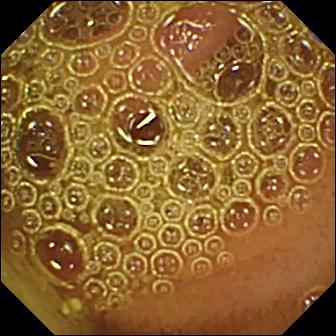Q: What does this VCE view of the small intestine show?
A: Normal clean mucosa.